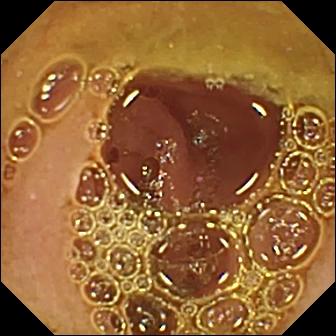modality: VCE; category: luminal finding; label: normal clean mucosa